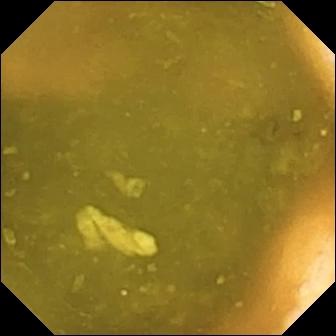modality: wireless capsule endoscopy | video segment: ileo-cecal valve region